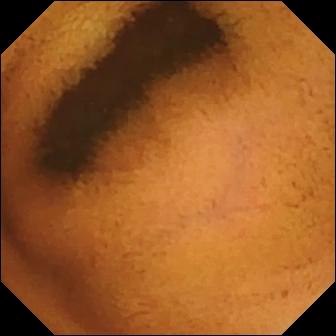VCE view
Observation: normal clean mucosa